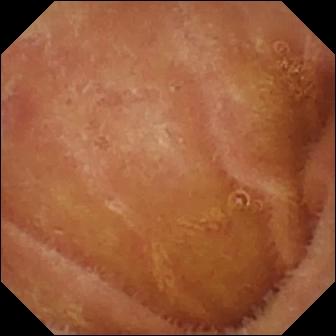WCE frame showing normal clean mucosa.